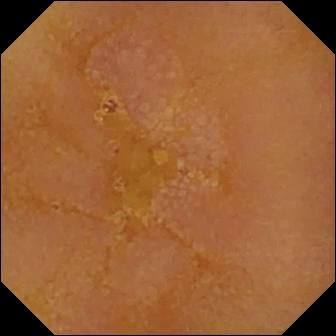{"modality": "video capsule endoscopy", "segment": "small intestine", "finding": "reduced mucosal view (content or bubbles obscuring the mucosa)"}